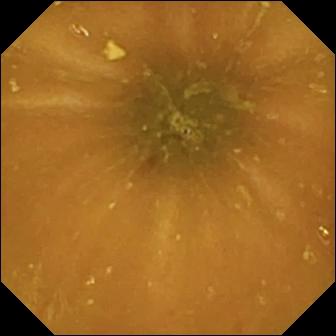Ileo-cecal valve region (where the capsule passes from the small bowel into the large bowel) — wireless capsule endoscopy view.